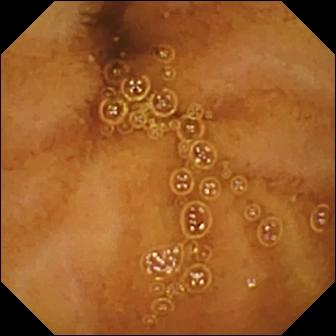PROCEDURE: Small-bowel capsule endoscopy.
SEGMENT: Small bowel.
FINDINGS: Normal clean mucosa.